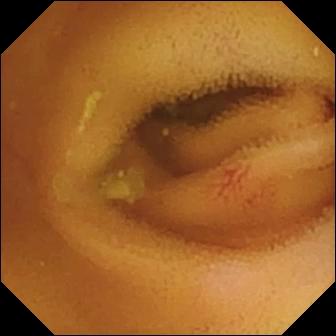Angiectasia.